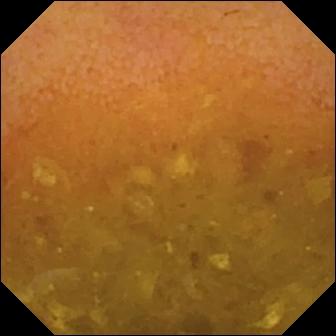Wireless capsule endoscopy — reduced mucosal view (content or bubbles obscuring the mucosa).